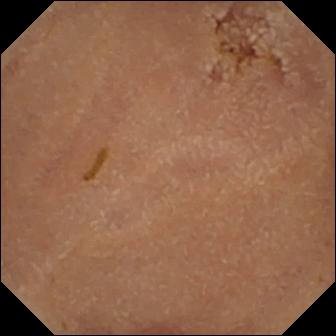PROCEDURE: WCE.
SEGMENT: Small bowel.
FINDINGS: Normal clean mucosa.